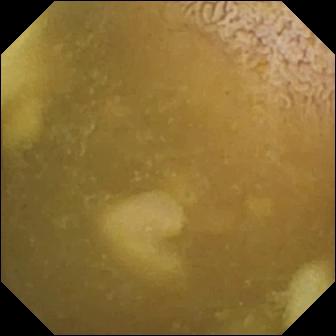PROCEDURE: VCE.
LOCATION: Ileo-cecal valve region (where the capsule passes from the small bowel into the large bowel).